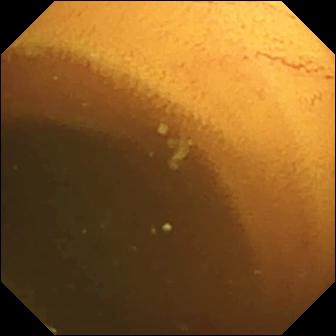Video capsule endoscopy image of the small intestine showing normal clean mucosa.